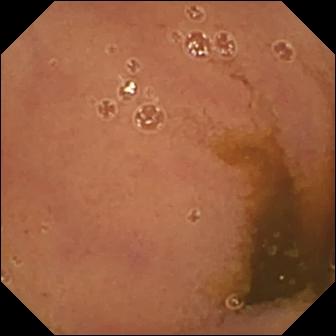WCE view showing normal clean mucosa.